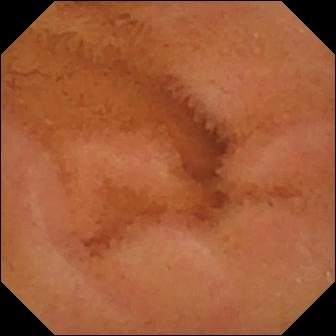Normal clean mucosa.